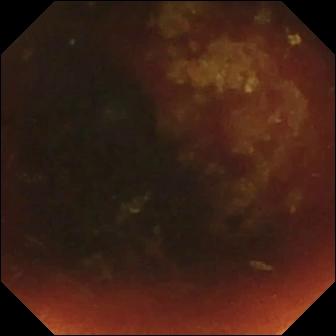PROCEDURE: Small-bowel capsule endoscopy.
LABEL: Ileo-cecal valve region (where the capsule passes from the small bowel into the large bowel).